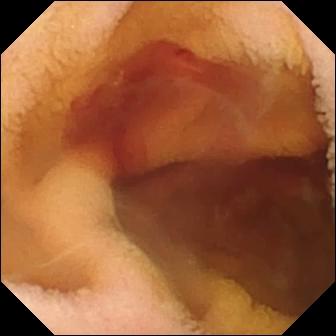Fresh blood in the lumen.